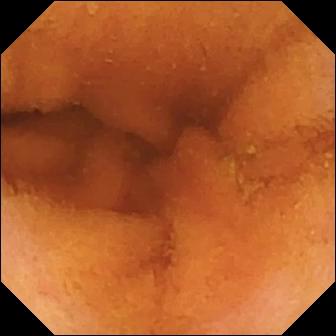VCE frame (small intestine). Normal clean mucosa.